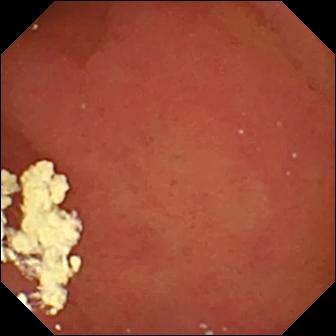Pylorus region — WCE still.